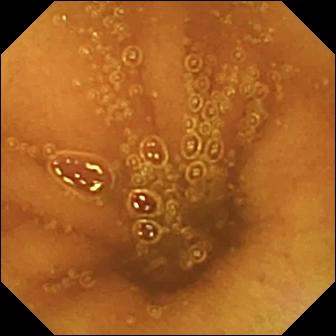PROCEDURE: Capsule endoscopy.
FINDINGS: Normal clean mucosa.